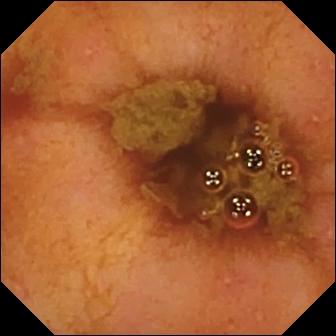modality: small-bowel capsule endoscopy | category: anatomical landmark | video segment: ileo-cecal valve region (the transition from the small bowel to the large bowel)